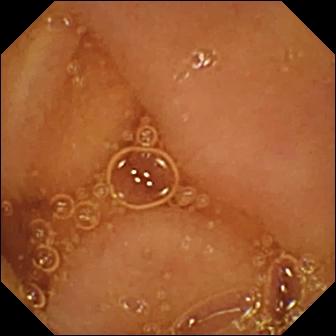modality: small-bowel capsule endoscopy; category: luminal finding; finding: normal clean mucosa